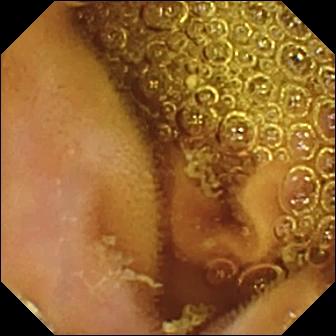Q: What does this WCE image show?
A: Normal clean mucosa.